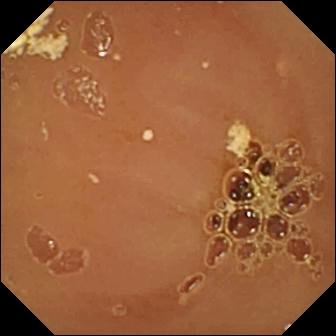VCE image, small bowel
Finding: normal clean mucosa